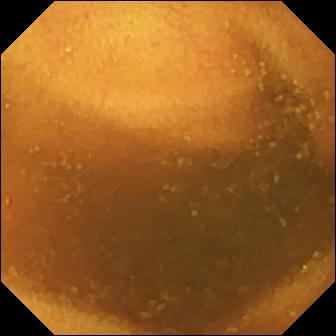Small-bowel capsule endoscopy frame (small intestine). Normal clean mucosa.